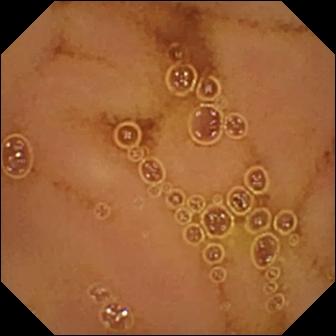modality: capsule endoscopy; category: luminal finding; observation: normal clean mucosa